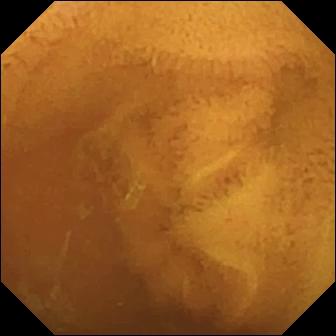This wireless capsule endoscopy still shows normal clean mucosa.